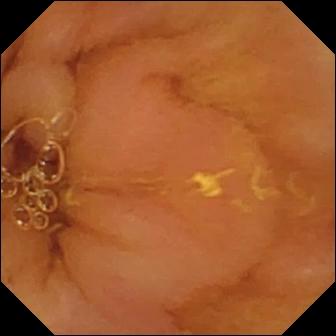Video capsule endoscopy frame, small intestine
Finding: normal clean mucosa